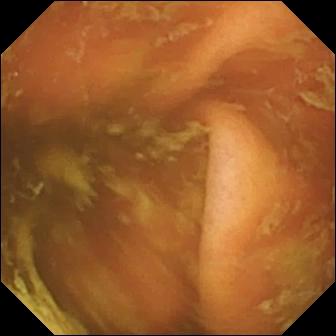This VCE still was taken in the ileo-cecal valve region.